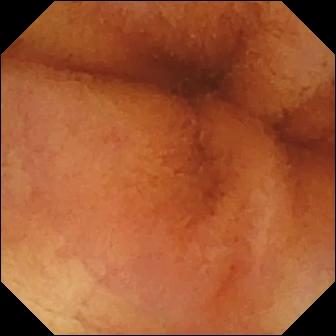Normal clean mucosa.